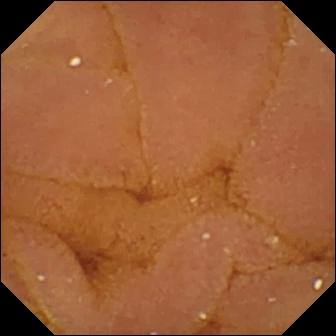PROCEDURE: WCE.
SEGMENT: Small bowel.
FINDINGS: Normal clean mucosa.